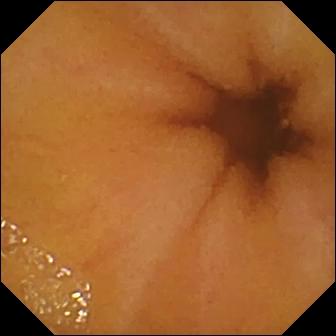Capsule endoscopy. Impression: normal clean mucosa.